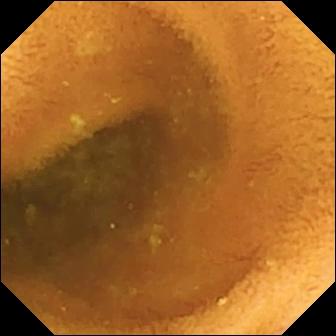Wireless capsule endoscopy frame showing normal clean mucosa.